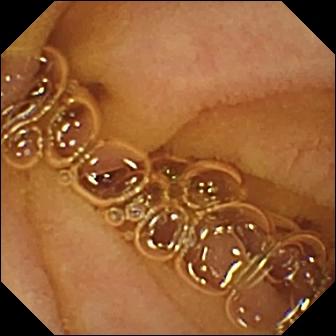{"modality": "VCE", "segment": "small intestine", "finding": "normal clean mucosa"}